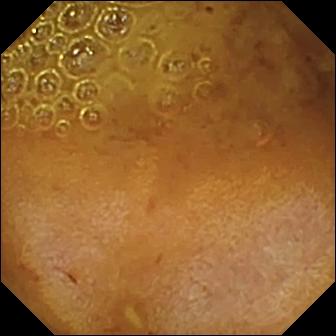Reduced mucosal view (content or bubbles obscuring the mucosa) — capsule endoscopy snapshot.